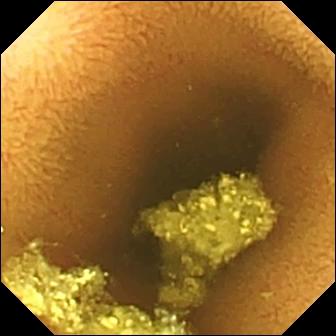Normal clean mucosa.